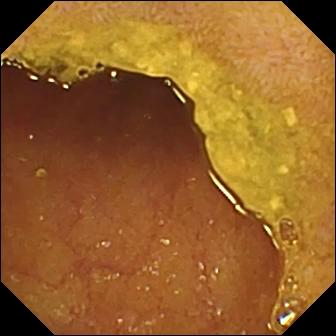Ileo-cecal valve region (the transition from the small bowel to the large bowel) — WCE view.